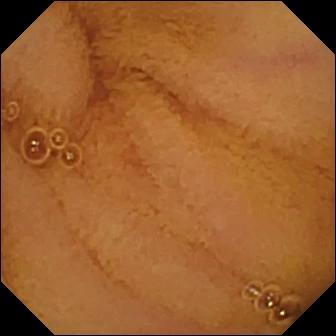{"modality": "WCE", "segment": "small intestine", "finding": "normal clean mucosa"}